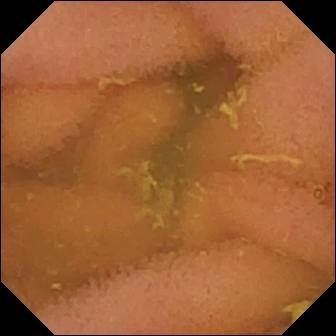Wireless capsule endoscopy — normal clean mucosa.